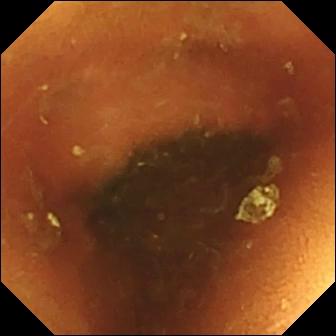PROCEDURE: VCE.
SEGMENT: Small bowel.
FINDINGS: Normal clean mucosa.